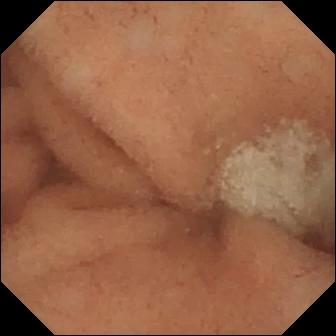Small-bowel capsule endoscopy view of the small bowel showing normal clean mucosa.